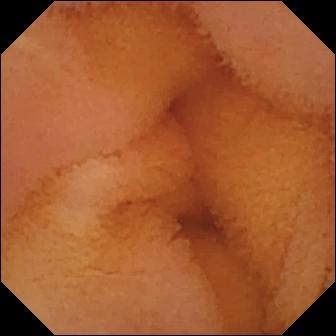Capsule endoscopy — normal clean mucosa.